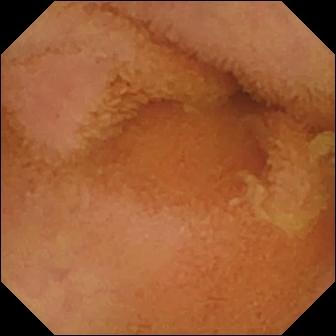- modality: video capsule endoscopy
- observation: normal clean mucosa